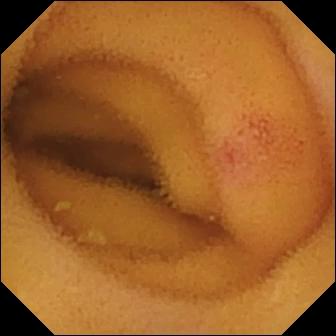This video capsule endoscopy view shows angiectasia.